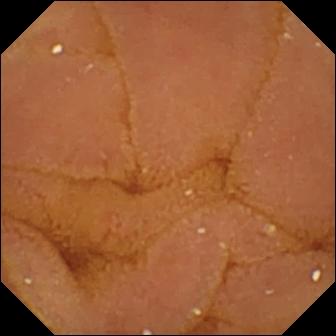Normal clean mucosa.